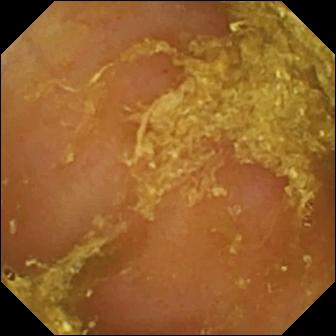- modality: video capsule endoscopy
- category: luminal finding
- label: reduced mucosal view (content or bubbles obscuring the mucosa)